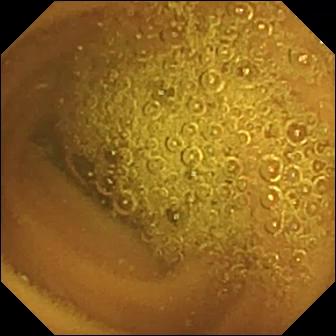Wireless capsule endoscopy snapshot of the small intestine showing normal clean mucosa.